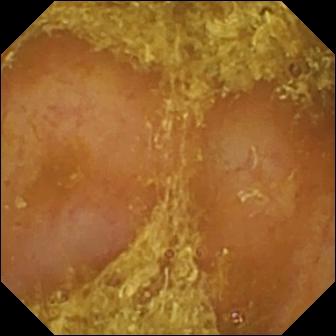Wireless capsule endoscopy snapshot, small bowel
Finding: reduced mucosal view (content or bubbles obscuring the mucosa)